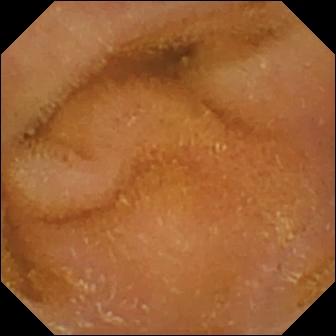Q: What does this WCE frame of the small intestine show?
A: Normal clean mucosa.